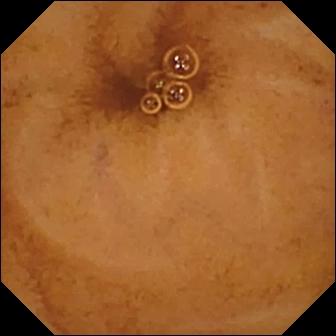Q: What does this VCE image of the small bowel show?
A: Normal clean mucosa.